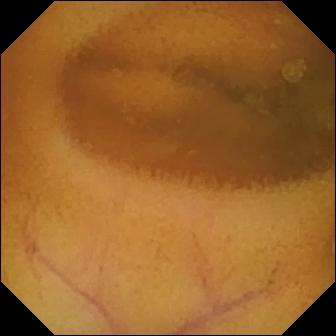Normal clean mucosa — wireless capsule endoscopy frame.